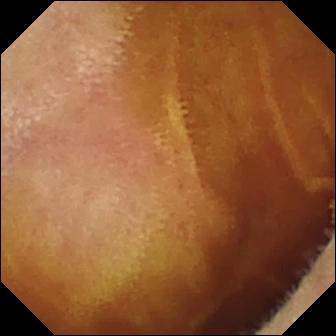Video capsule endoscopy still (small bowel). Normal clean mucosa.